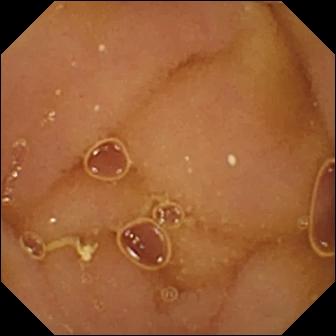{"modality": "video capsule endoscopy", "segment": "small bowel", "finding": "normal clean mucosa"}